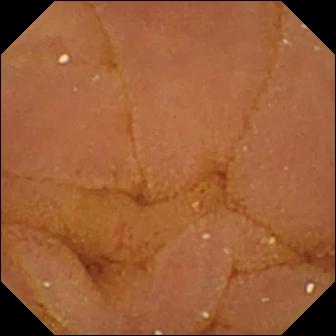- modality: capsule endoscopy
- category: luminal finding
- label: normal clean mucosa